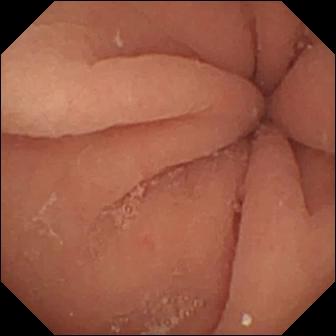Wireless capsule endoscopy still. Taken in the pylorus region.